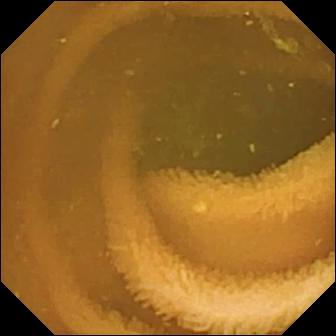Normal clean mucosa — WCE snapshot.